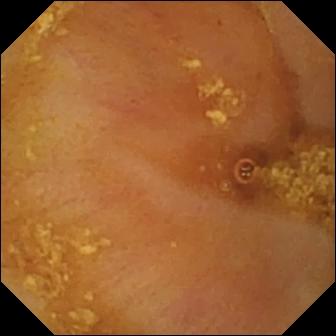- modality: WCE
- video segment: ileo-cecal valve region